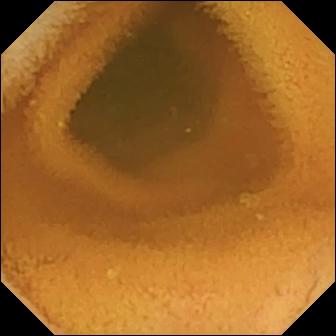{"modality": "small-bowel capsule endoscopy", "segment": "small intestine", "finding": "normal clean mucosa"}